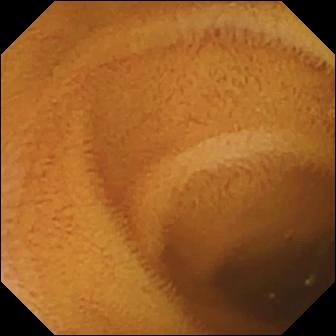Video capsule endoscopy. Small bowel. Luminal finding. Observation: normal clean mucosa.